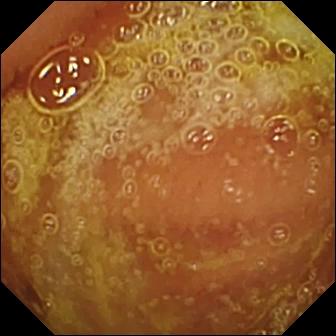Normal clean mucosa — video capsule endoscopy frame.